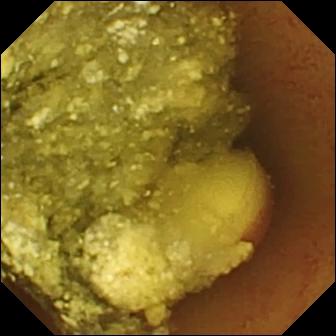Wireless capsule endoscopy — foreign body (e.g. retained capsule, tablet residue).